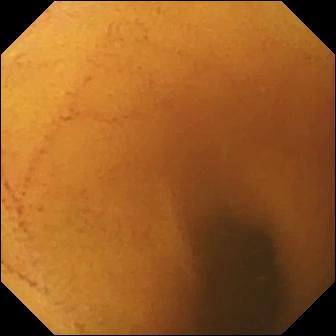This WCE snapshot of the small intestine shows normal clean mucosa.